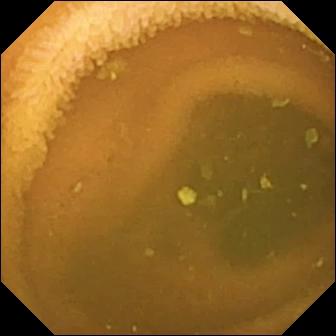{"modality": "small-bowel capsule endoscopy", "category": "luminal finding", "finding": "normal clean mucosa"}